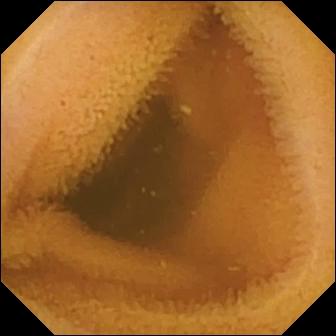modality: VCE; segment: small bowel; observation: normal clean mucosa